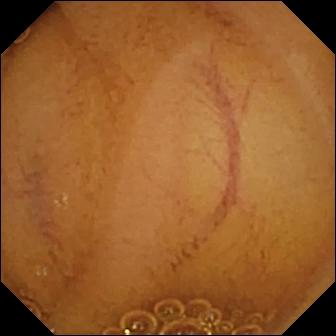Small-bowel capsule endoscopy frame (small bowel), 336×336. Normal clean mucosa.